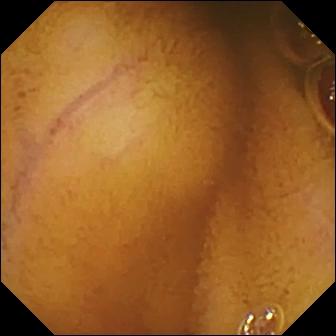Q: What does this small-bowel capsule endoscopy snapshot show?
A: Normal clean mucosa.